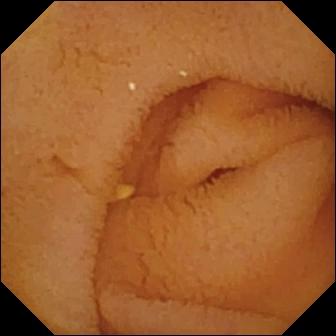VCE — normal clean mucosa.